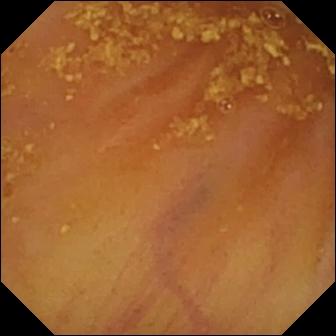Q: Where in the digestive tract was this small-bowel capsule endoscopy view taken?
A: Ileo-cecal valve region.